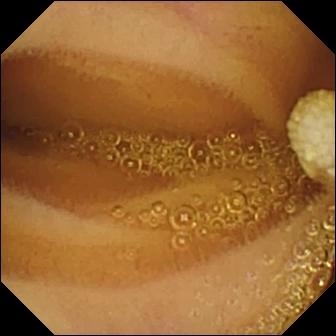Q: What does this WCE image show?
A: Lymphangiectasia.